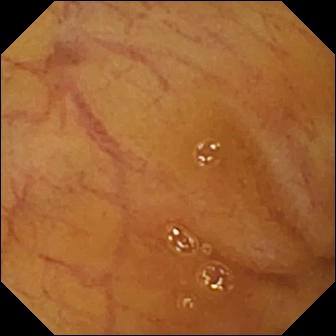Video capsule endoscopy frame
Location: ileo-cecal valve region